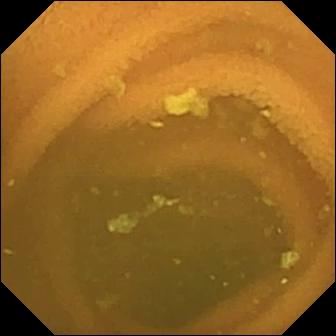Q: What does this video capsule endoscopy snapshot of the small bowel show?
A: Normal clean mucosa.